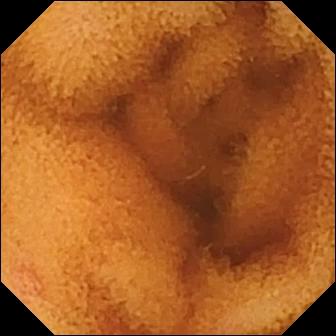{"modality": "small-bowel capsule endoscopy", "finding": "normal clean mucosa"}